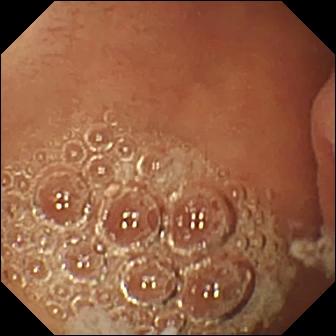WCE still. Taken in the pylorus region.